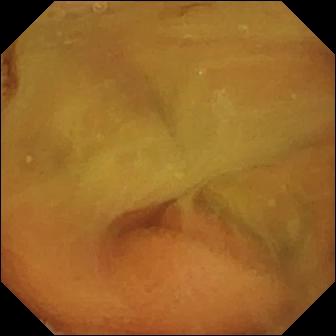PROCEDURE: WCE.
SEGMENT: Small bowel.
FINDINGS: Normal clean mucosa.